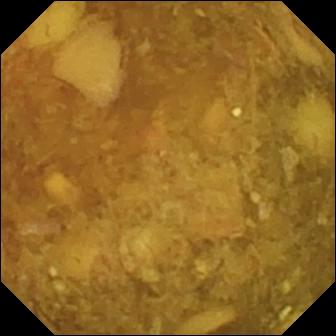{"modality": "small-bowel capsule endoscopy", "finding": "reduced mucosal view (content or bubbles obscuring the mucosa)"}